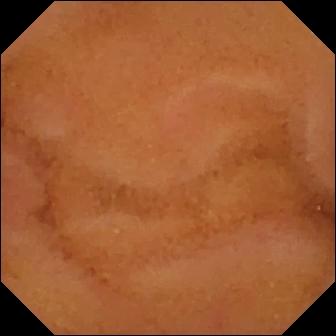VCE frame (small intestine). Normal clean mucosa.